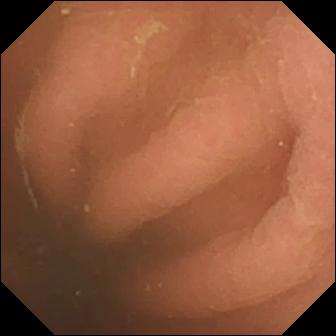Pylorus region (the junction between the stomach and the small bowel) — wireless capsule endoscopy image.